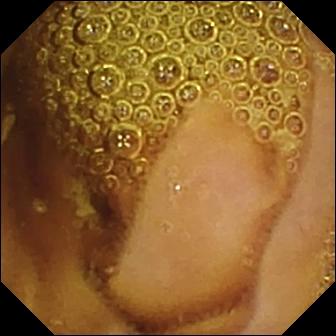VCE frame
Impression: normal clean mucosa